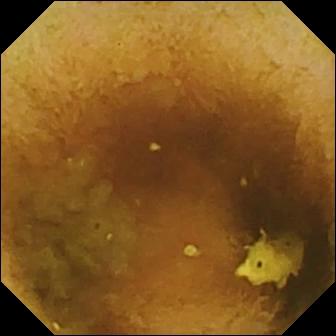WCE image
Observation: normal clean mucosa